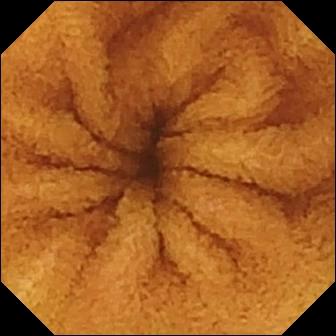Small-bowel capsule endoscopy frame
Label: normal clean mucosa